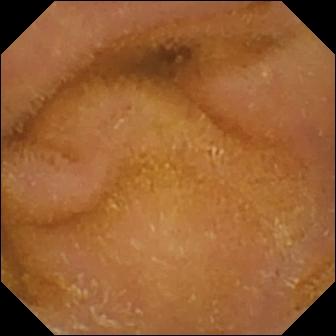{"modality": "small-bowel capsule endoscopy", "finding": "normal clean mucosa"}